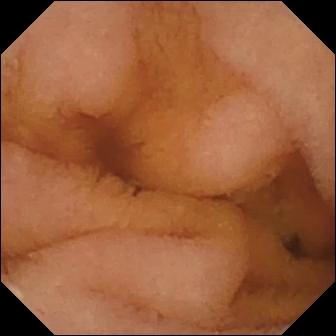Q: What does this capsule endoscopy frame show?
A: Normal clean mucosa.